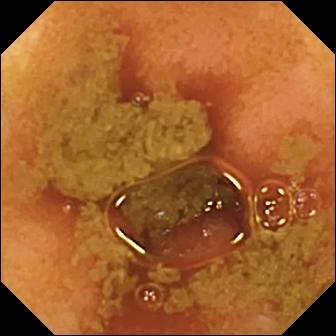VCE — ileo-cecal valve region (the transition from the small bowel to the large bowel).